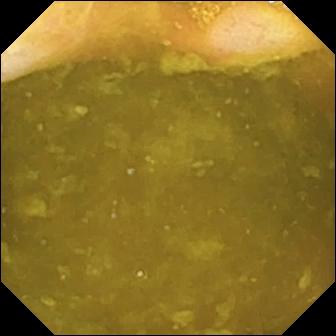Video capsule endoscopy snapshot. Taken in the ileo-cecal valve region.